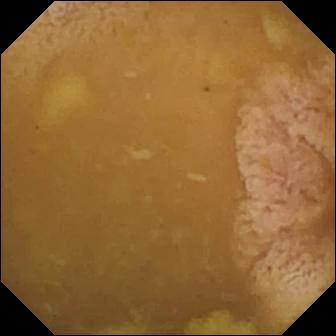Wireless capsule endoscopy frame, 336×336. Taken in the ileo-cecal valve region.